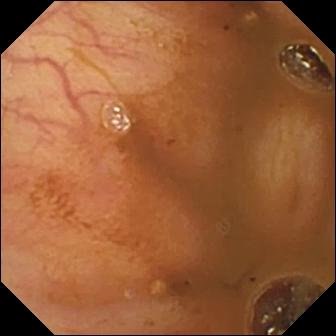WCE still taken in the ileo-cecal valve region (where the capsule passes from the small bowel into the large bowel).